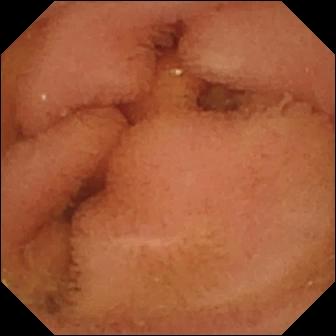modality: video capsule endoscopy
segment: small intestine
category: luminal finding
impression: normal clean mucosa